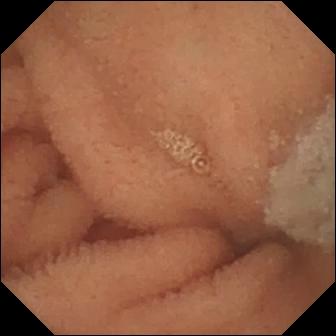VCE. Label: normal clean mucosa.